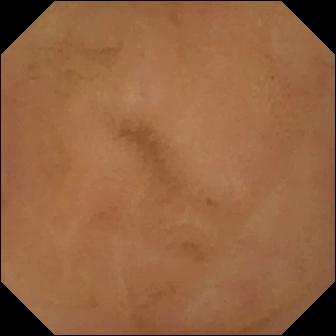{"modality": "wireless capsule endoscopy", "segment": "small intestine", "finding": "normal clean mucosa"}